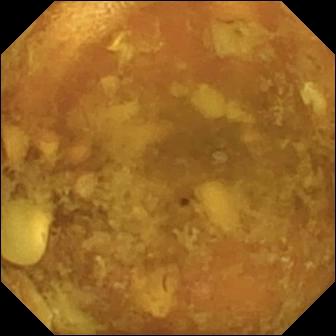- modality: VCE
- segment: small bowel
- observation: reduced mucosal view (content or bubbles obscuring the mucosa)